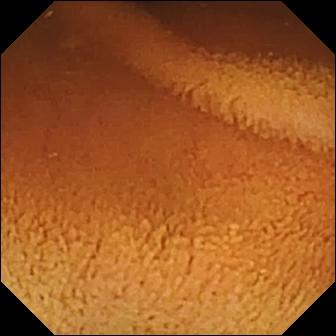Q: What does this WCE still of the small intestine show?
A: Normal clean mucosa.